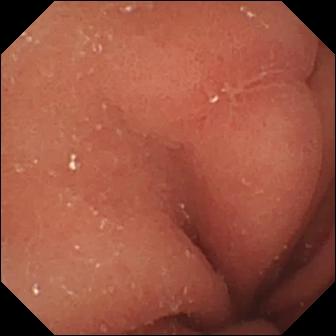Q: What does this small-bowel capsule endoscopy frame show?
A: Erosion.